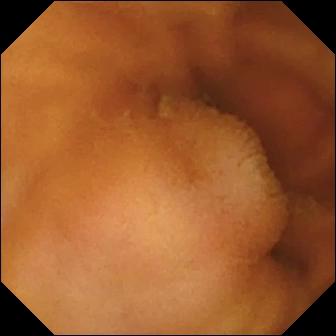Normal clean mucosa (336×336).